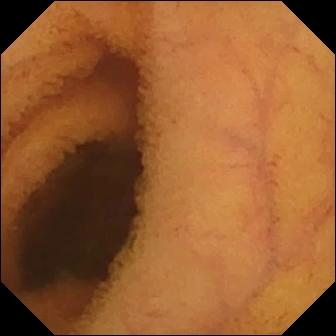WCE — normal clean mucosa.